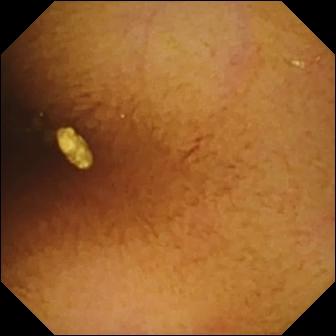Normal clean mucosa (336×336).